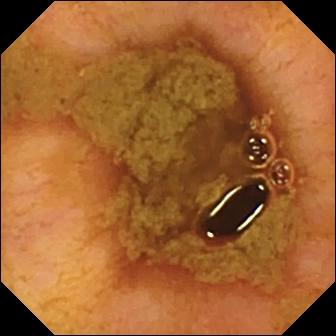Wireless capsule endoscopy snapshot taken in the ileo-cecal valve region.